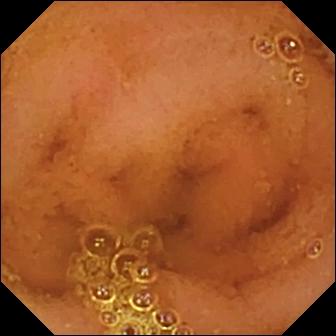Small-bowel capsule endoscopy view of the small bowel showing normal clean mucosa.